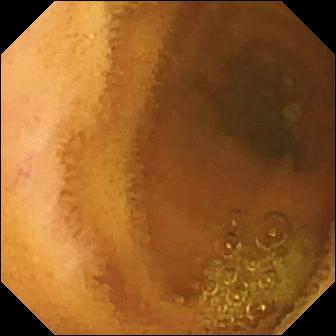modality: capsule endoscopy; label: normal clean mucosa